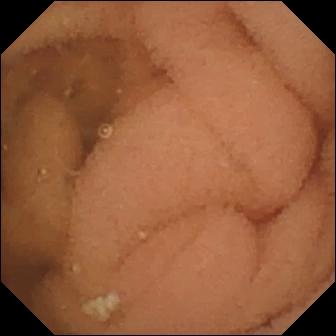Normal clean mucosa.